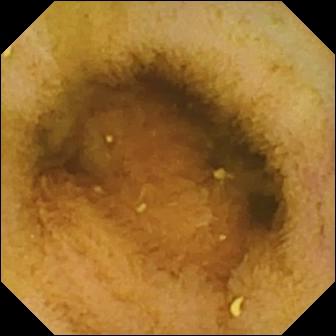VCE — normal clean mucosa.